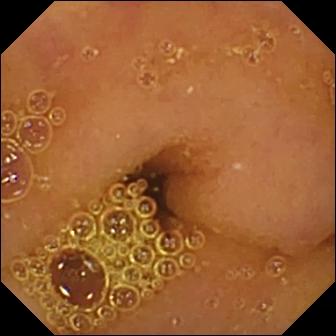Q: What does this capsule endoscopy snapshot of the small bowel show?
A: Normal clean mucosa.